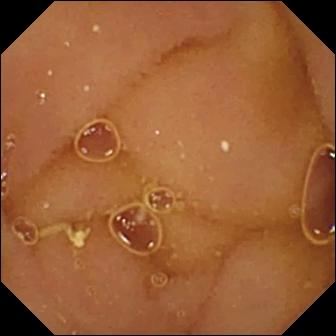Capsule endoscopy image
Impression: normal clean mucosa